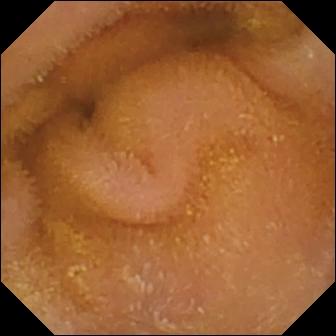WCE view of the small bowel showing normal clean mucosa.